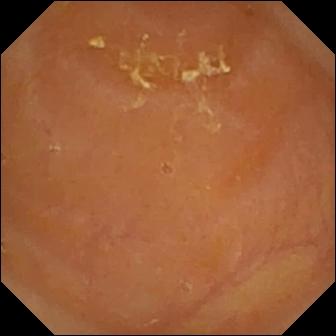Video capsule endoscopy still showing reduced mucosal view (content or bubbles obscuring the mucosa).